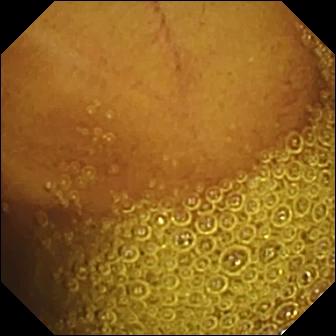This VCE snapshot shows normal clean mucosa.